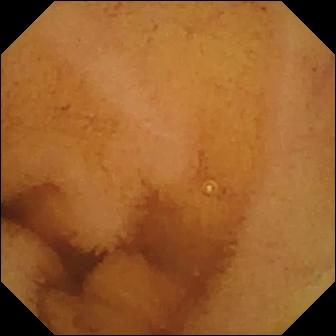This wireless capsule endoscopy frame shows normal clean mucosa.